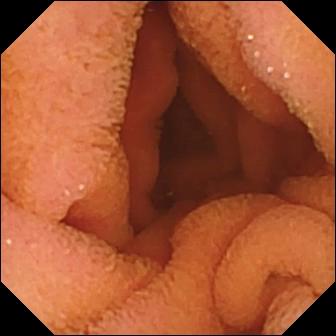Wireless capsule endoscopy image, small intestine
Impression: normal clean mucosa